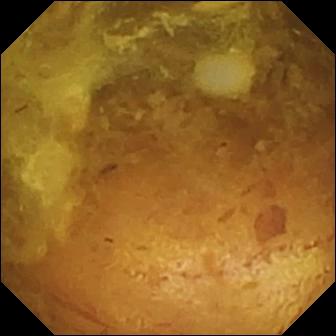Capsule endoscopy frame showing reduced mucosal view (content or bubbles obscuring the mucosa).